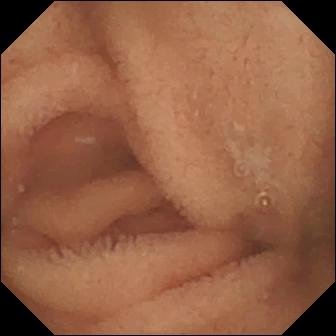Wireless capsule endoscopy. Small intestine. Observation: normal clean mucosa.